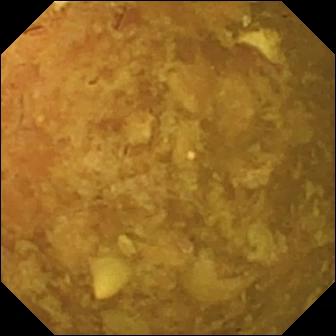Reduced mucosal view (content or bubbles obscuring the mucosa) (336×336).